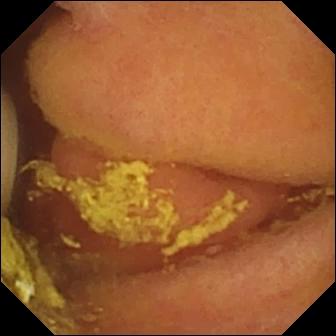modality: WCE | observation: foreign body (e.g. retained capsule, tablet residue)